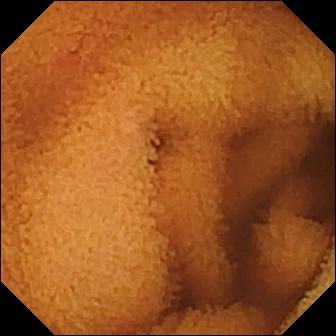Capsule endoscopy — normal clean mucosa.